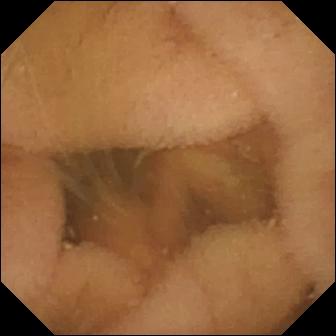{"modality": "wireless capsule endoscopy", "finding": "normal clean mucosa"}